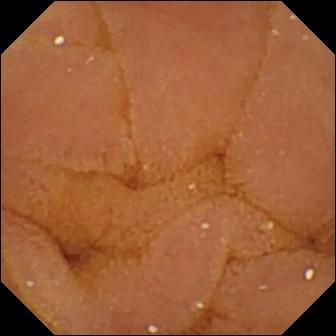Normal clean mucosa — video capsule endoscopy frame of the small bowel.